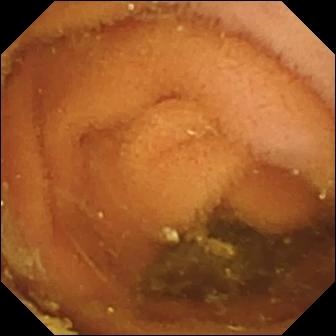Q: What does this capsule endoscopy still of the small bowel show?
A: Normal clean mucosa.